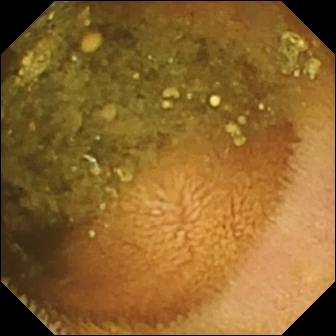Reduced mucosal view (content or bubbles obscuring the mucosa) — wireless capsule endoscopy view of the small bowel.